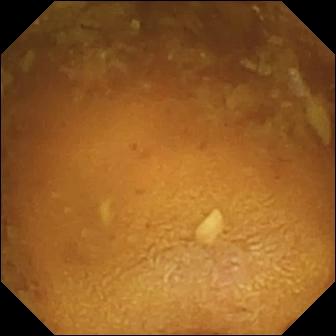This capsule endoscopy view shows reduced mucosal view (content or bubbles obscuring the mucosa).